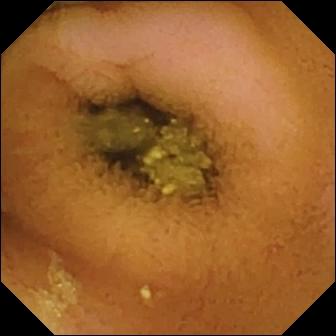Q: What does this small-bowel capsule endoscopy frame of the small intestine show?
A: Normal clean mucosa.